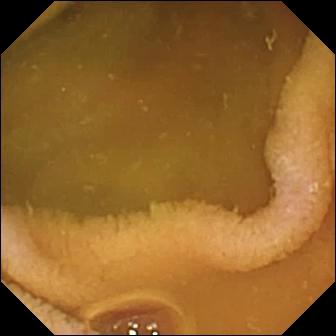VCE. Luminal finding. Finding: normal clean mucosa.